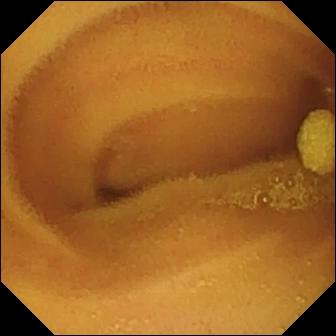- modality: VCE
- impression: lymphangiectasia